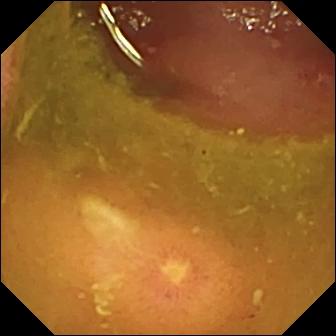PROCEDURE: Capsule endoscopy.
FINDINGS: Ulcer.